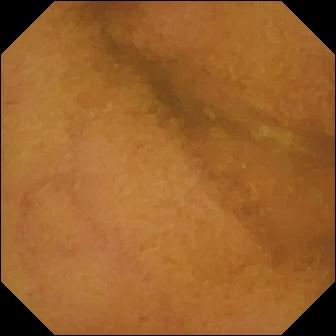Small-bowel capsule endoscopy — normal clean mucosa.